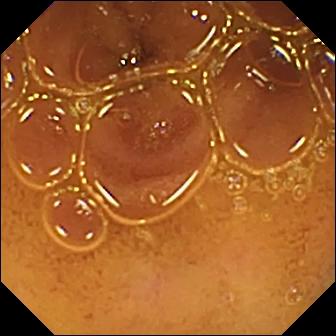Normal clean mucosa.